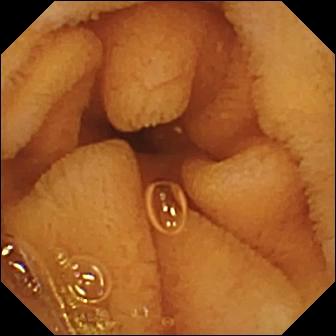modality: VCE
segment: small bowel
category: luminal finding
label: normal clean mucosa